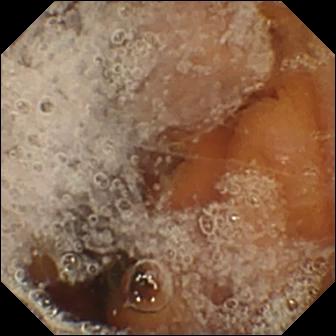- modality: wireless capsule endoscopy
- category: anatomical landmark
- location: pylorus region (where the capsule passes from the stomach into the small bowel)